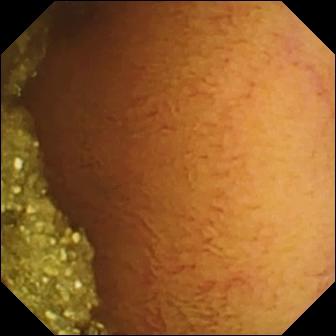Q: What does this WCE view of the small intestine show?
A: Normal clean mucosa.